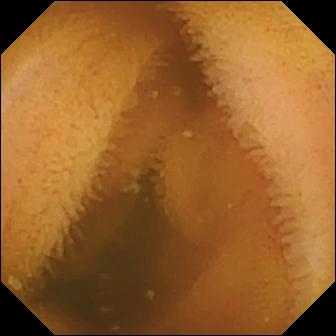Capsule endoscopy. Small intestine. Label: normal clean mucosa.